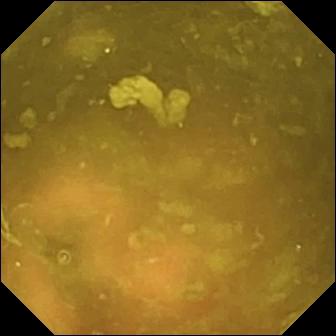Ileo-cecal valve region — VCE frame.